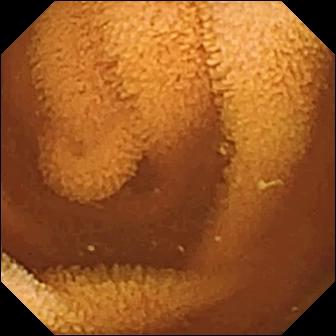VCE — normal clean mucosa.